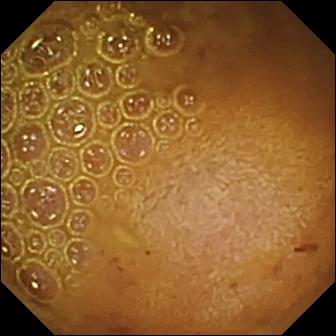Small-bowel capsule endoscopy frame
Label: reduced mucosal view (content or bubbles obscuring the mucosa)